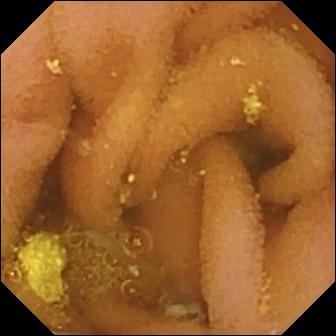Q: What does this VCE view show?
A: Lymphangiectasia.